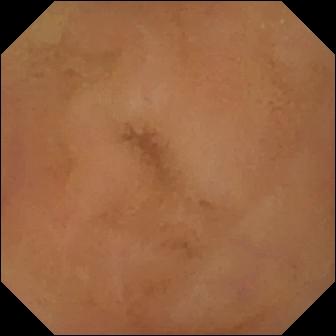This wireless capsule endoscopy view shows normal clean mucosa.